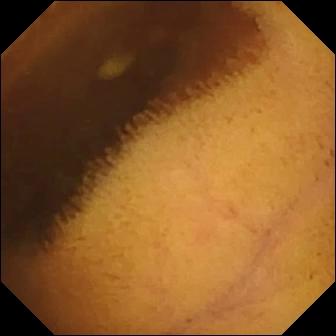Q: What does this VCE snapshot show?
A: Normal clean mucosa.